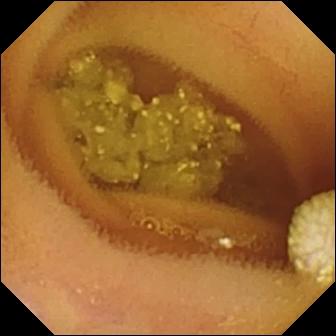Lymphangiectasia — video capsule endoscopy view.